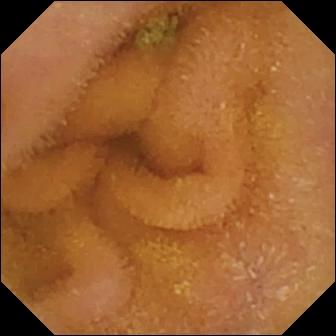Capsule endoscopy. Small intestine. Observation: normal clean mucosa.